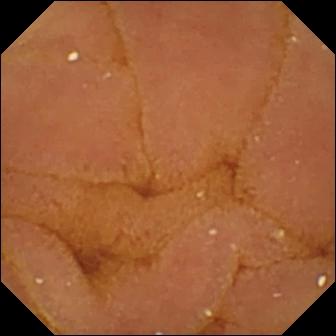Video capsule endoscopy snapshot, small bowel
Observation: normal clean mucosa